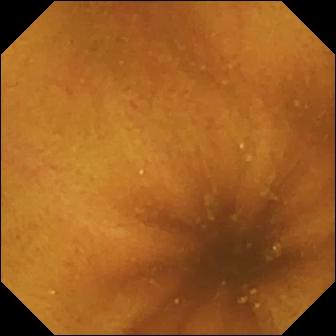This wireless capsule endoscopy image shows normal clean mucosa.